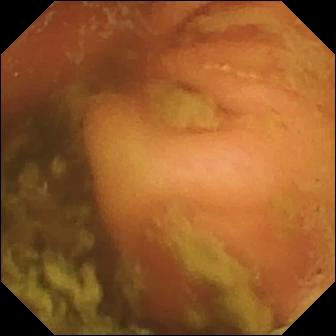Capsule endoscopy. Location: ileo-cecal valve region (the transition from the small bowel to the large bowel).